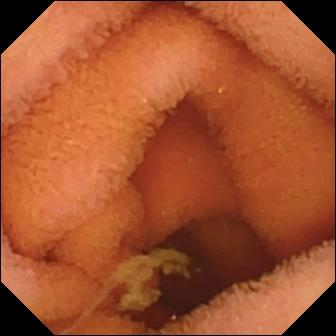modality: capsule endoscopy
segment: small intestine
category: luminal finding
impression: normal clean mucosa